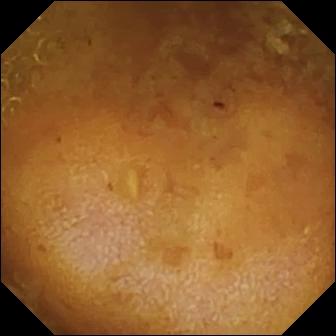modality: WCE
segment: small bowel
impression: reduced mucosal view (content or bubbles obscuring the mucosa)